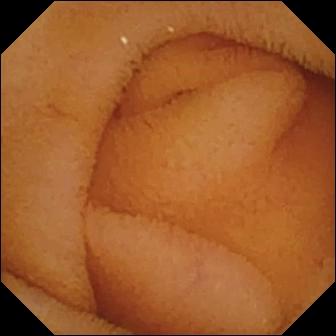Normal clean mucosa.